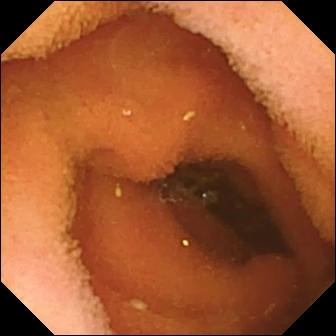modality: wireless capsule endoscopy
impression: normal clean mucosa